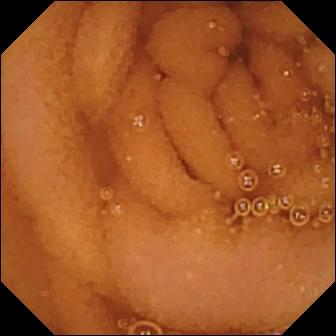Video capsule endoscopy — normal clean mucosa.